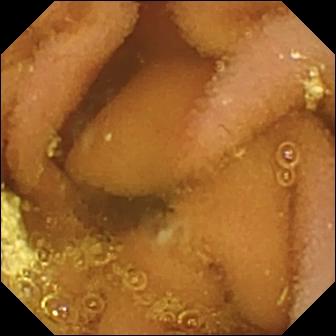Lymphangiectasia — video capsule endoscopy frame.